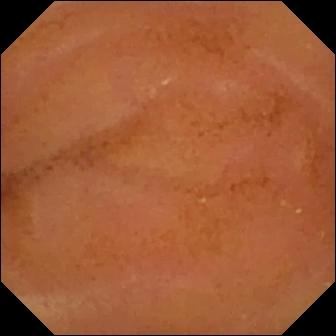VCE — normal clean mucosa.